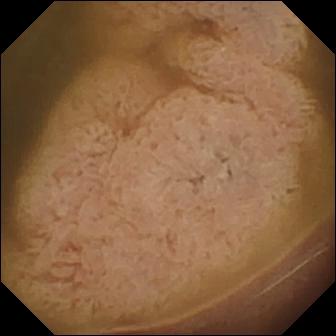Video capsule endoscopy still
Position: ileo-cecal valve region